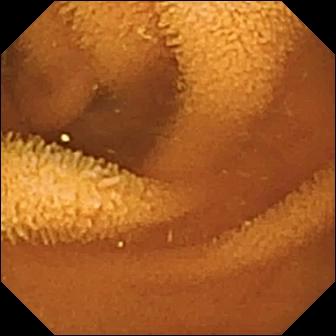- modality: WCE
- segment: small bowel
- category: luminal finding
- finding: normal clean mucosa